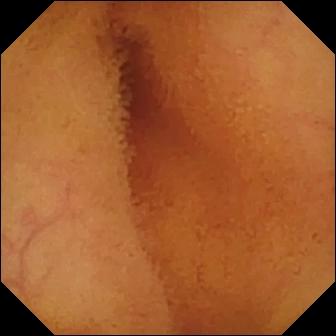Small-bowel capsule endoscopy frame, 336×336. Normal clean mucosa.